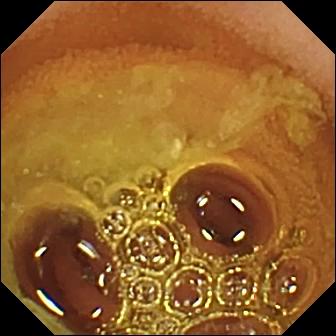Q: What does this VCE still of the small intestine show?
A: Normal clean mucosa.